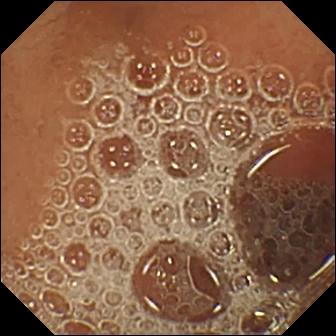Q: What does this VCE still show?
A: Normal clean mucosa.